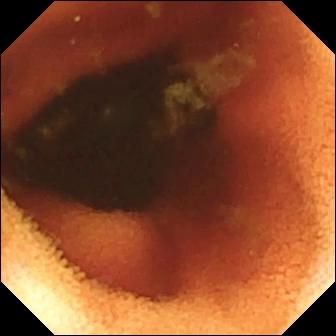Ileo-cecal valve region.